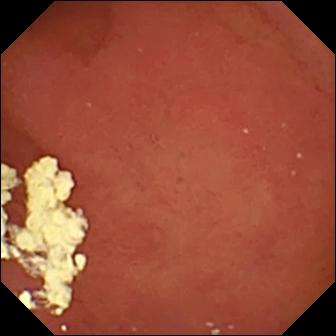VCE. Position: pylorus region (the junction between the stomach and the small bowel).